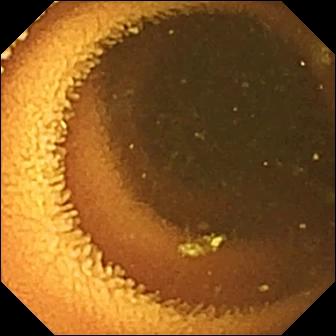modality: wireless capsule endoscopy
label: normal clean mucosa